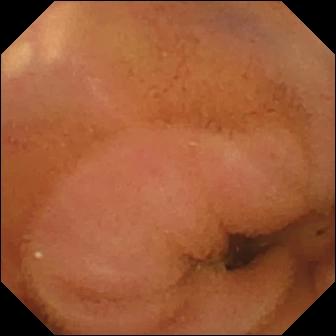Small-bowel capsule endoscopy — normal clean mucosa.